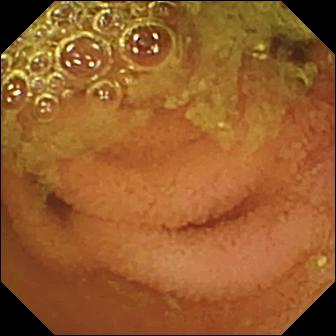Normal clean mucosa.